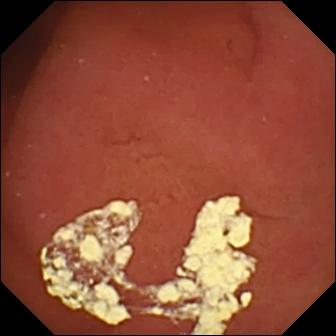PROCEDURE: VCE.
POSITION: Pylorus region.